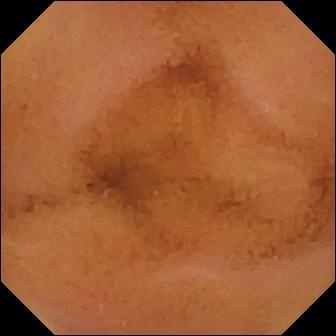This WCE snapshot of the small intestine shows normal clean mucosa.